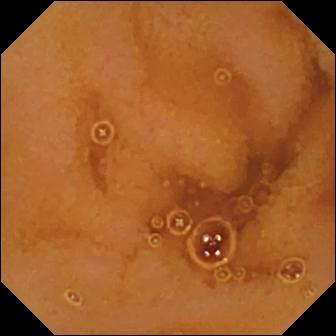Video capsule endoscopy snapshot. Normal clean mucosa.